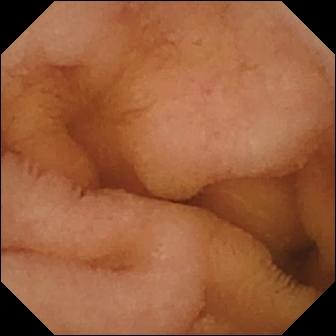Normal clean mucosa — small-bowel capsule endoscopy still of the small bowel.